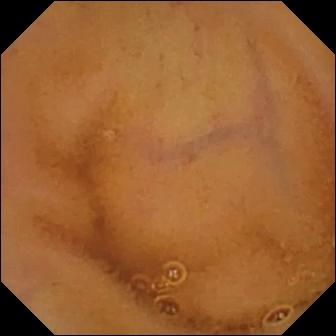Q: What does this VCE image of the small bowel show?
A: Normal clean mucosa.